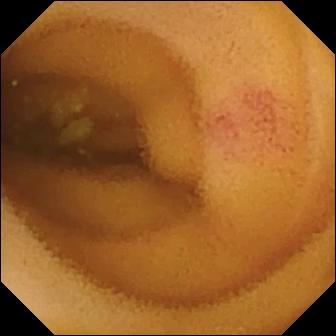Capsule endoscopy still
Impression: angiectasia